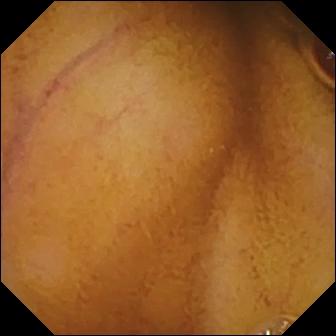modality: WCE; observation: normal clean mucosa